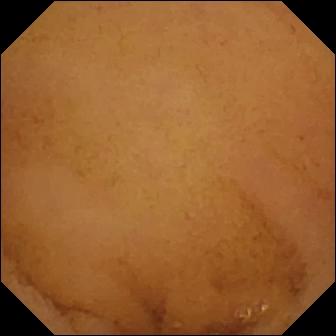PROCEDURE: WCE.
FINDINGS: Normal clean mucosa.